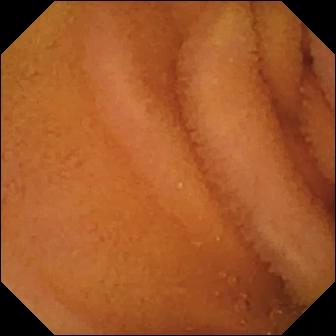- modality: video capsule endoscopy
- segment: small intestine
- impression: normal clean mucosa